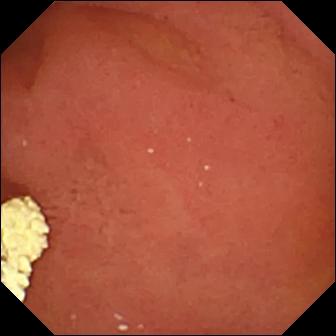{"modality": "capsule endoscopy", "position": "pylorus region (where the capsule passes from the stomach into the small bowel)"}